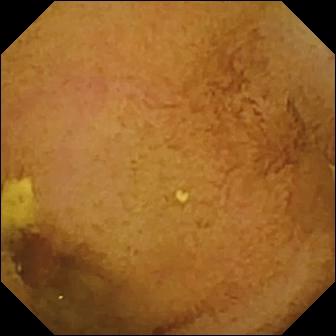This wireless capsule endoscopy view shows normal clean mucosa.